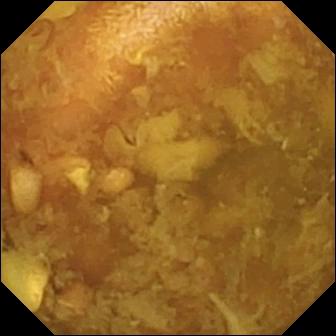Q: What does this capsule endoscopy frame show?
A: Reduced mucosal view (content or bubbles obscuring the mucosa).